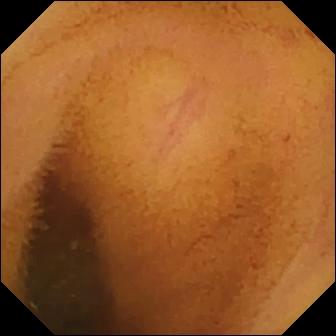Wireless capsule endoscopy snapshot, 336×336. Normal clean mucosa.